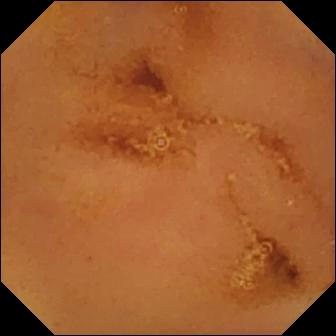Normal clean mucosa (336×336).